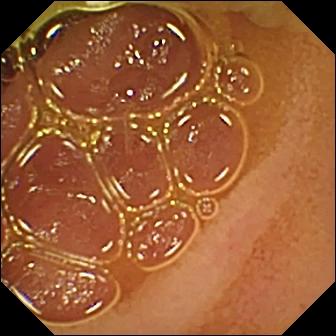- modality: WCE
- observation: normal clean mucosa